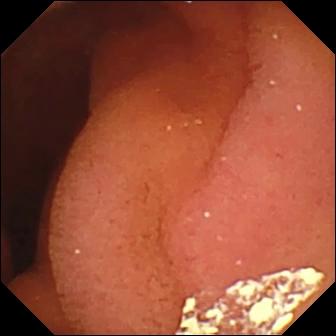Video capsule endoscopy. Position: pylorus region (where the capsule passes from the stomach into the small bowel).